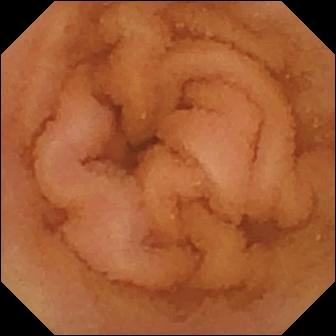WCE — normal clean mucosa.